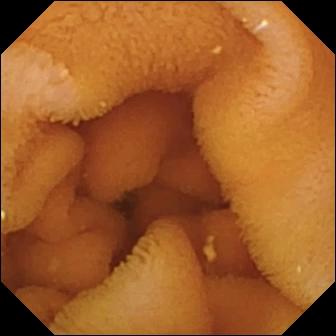modality: wireless capsule endoscopy
segment: small intestine
category: luminal finding
label: normal clean mucosa